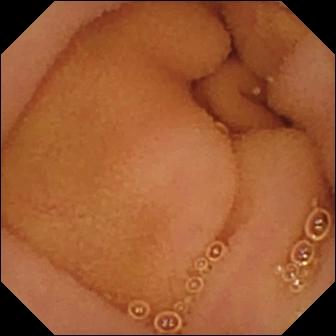Normal clean mucosa — wireless capsule endoscopy frame.